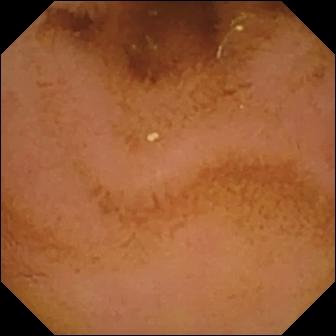{"modality": "small-bowel capsule endoscopy", "finding": "normal clean mucosa"}